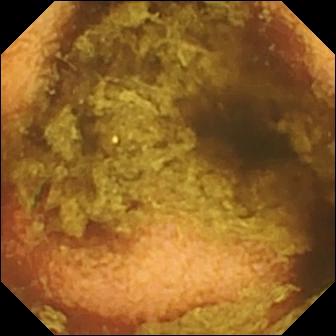VCE view, small intestine
Impression: normal clean mucosa